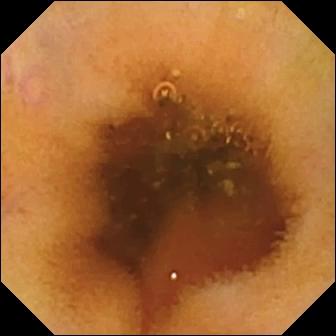Capsule endoscopy view (small bowel). Normal clean mucosa.